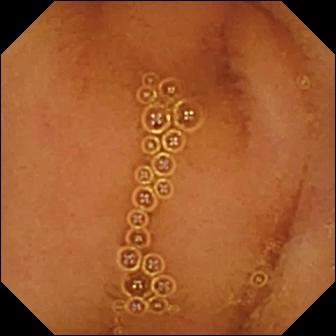This WCE still of the small intestine shows normal clean mucosa.